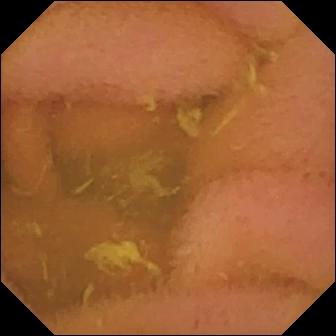Normal clean mucosa.